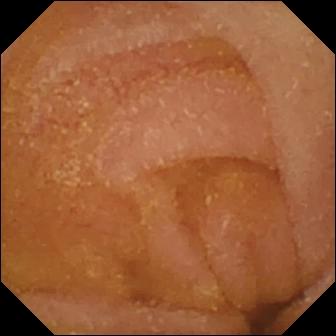{"modality": "wireless capsule endoscopy", "segment": "small intestine", "finding": "normal clean mucosa"}